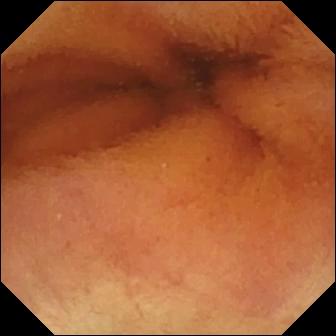Normal clean mucosa (336×336).